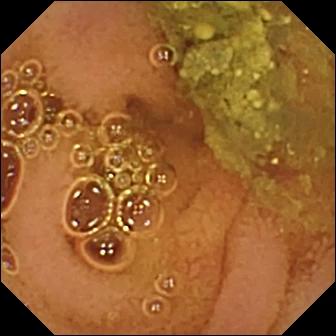VCE — normal clean mucosa.